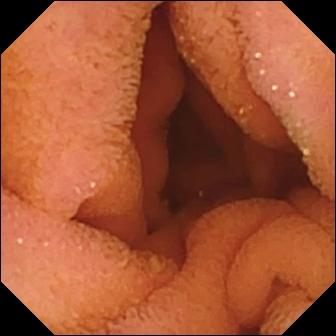- modality: capsule endoscopy
- label: normal clean mucosa